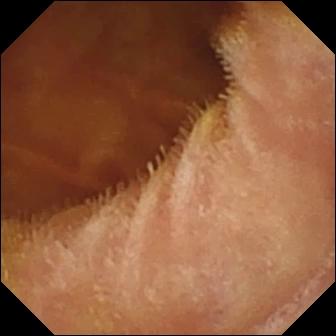This wireless capsule endoscopy frame shows normal clean mucosa.